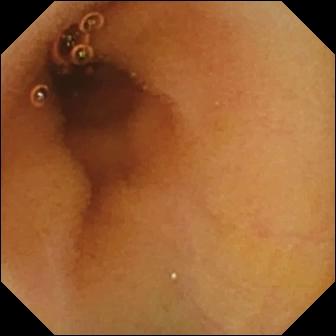Normal clean mucosa — small-bowel capsule endoscopy image.